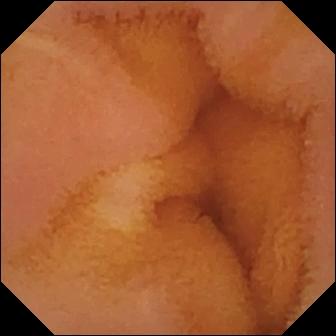{"modality": "video capsule endoscopy", "category": "luminal finding", "finding": "normal clean mucosa"}